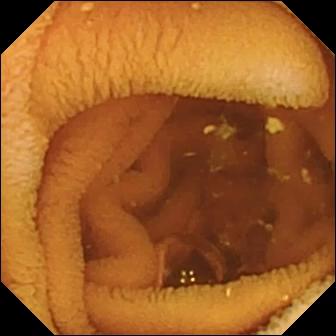- modality: video capsule endoscopy
- segment: small bowel
- finding: normal clean mucosa